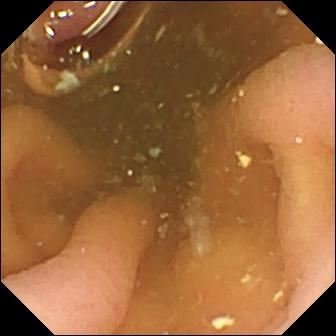Wireless capsule endoscopy — pylorus region.